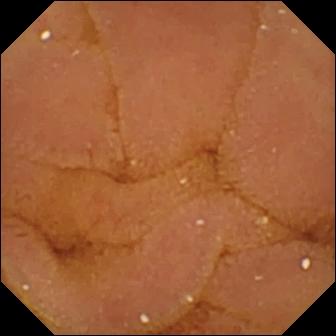This WCE view shows normal clean mucosa.